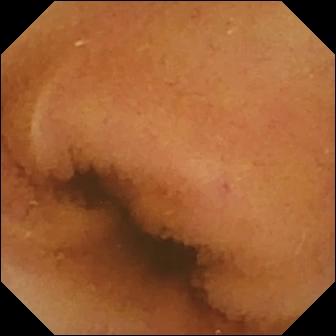This VCE still shows normal clean mucosa.